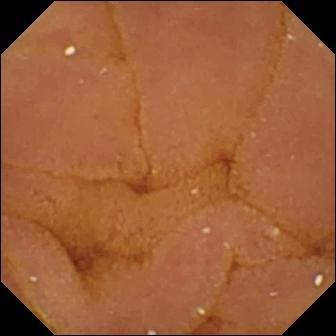Capsule endoscopy image
Observation: normal clean mucosa